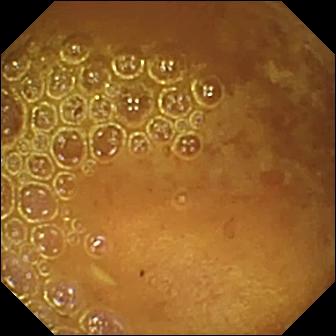Q: What does this capsule endoscopy snapshot of the small intestine show?
A: Reduced mucosal view (content or bubbles obscuring the mucosa).